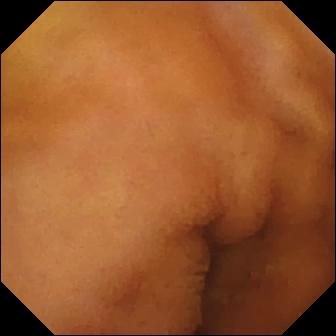PROCEDURE: WCE.
FINDINGS: Normal clean mucosa.